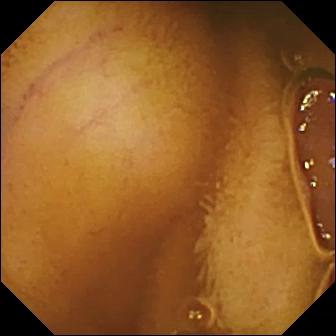Wireless capsule endoscopy. Observation: normal clean mucosa.